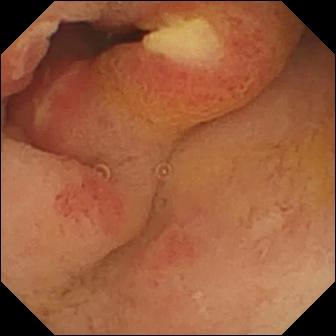This VCE still shows ulcer.